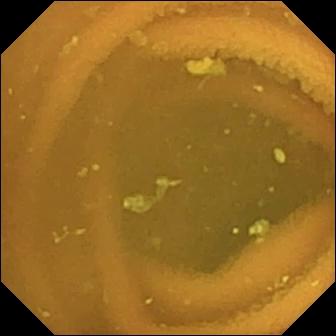{"modality": "small-bowel capsule endoscopy", "finding": "normal clean mucosa"}